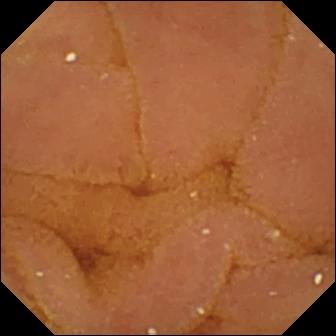modality: video capsule endoscopy
observation: normal clean mucosa